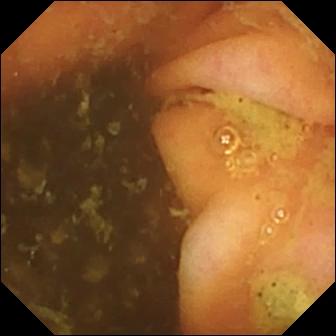{"modality": "small-bowel capsule endoscopy", "category": "anatomical landmark", "video_segment": "ileo-cecal valve region"}